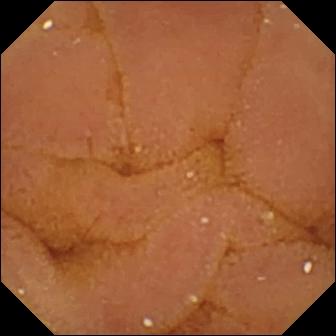VCE frame (small bowel). Normal clean mucosa.